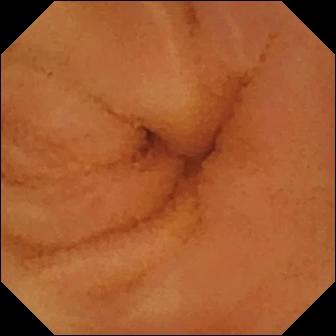Video capsule endoscopy frame (small bowel). Normal clean mucosa.